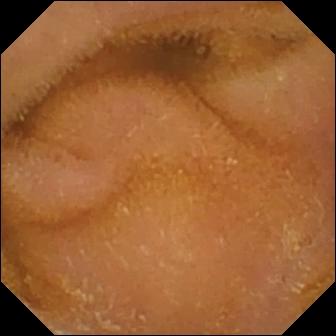PROCEDURE: Video capsule endoscopy.
SEGMENT: Small bowel.
FINDINGS: Normal clean mucosa.